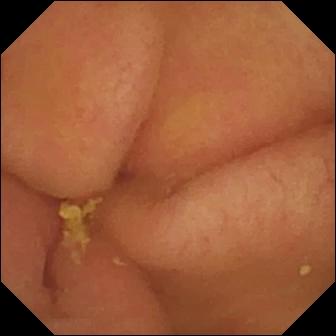PROCEDURE: WCE.
LABEL: Pylorus region.